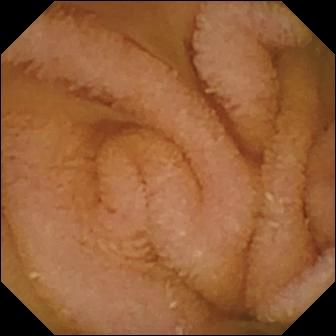WCE image showing normal clean mucosa.